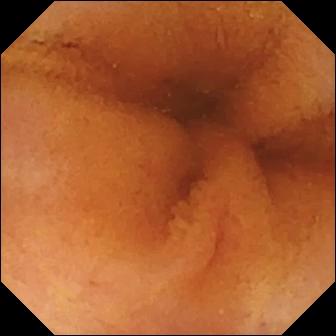VCE. Small intestine. Luminal finding. Label: normal clean mucosa.